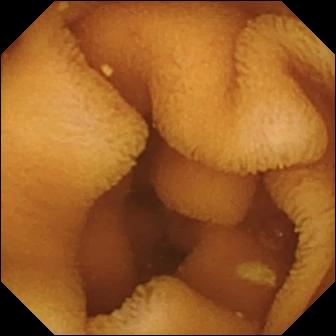PROCEDURE: Small-bowel capsule endoscopy.
FINDINGS: Normal clean mucosa.